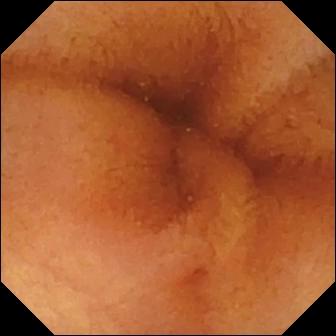- modality: video capsule endoscopy
- label: normal clean mucosa